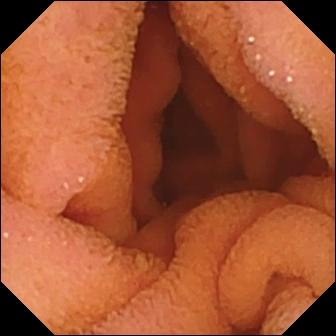PROCEDURE: Small-bowel capsule endoscopy.
FINDINGS: Normal clean mucosa.